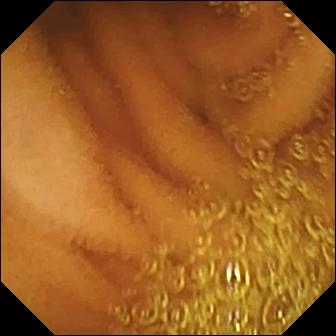Normal clean mucosa.